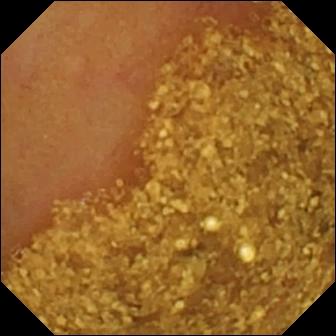WCE. Near an anatomical landmark. Label: ileo-cecal valve region (where the capsule passes from the small bowel into the large bowel).